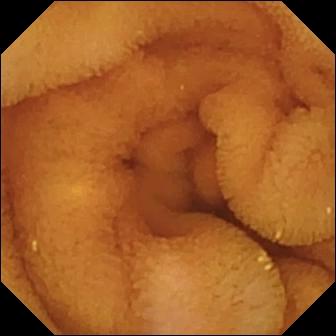Q: What does this wireless capsule endoscopy frame show?
A: Normal clean mucosa.